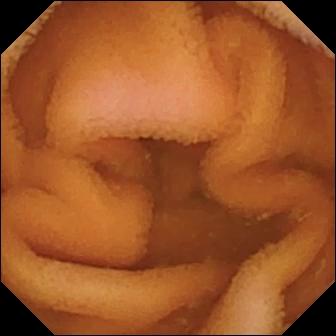Capsule endoscopy — normal clean mucosa.